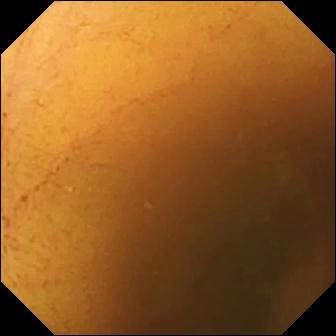- modality: WCE
- impression: normal clean mucosa